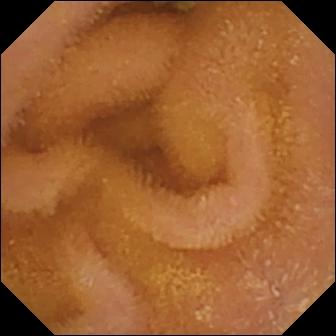WCE. Impression: normal clean mucosa.